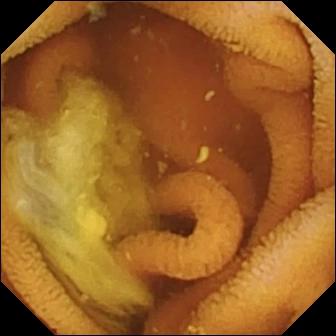This video capsule endoscopy image of the small intestine shows normal clean mucosa.